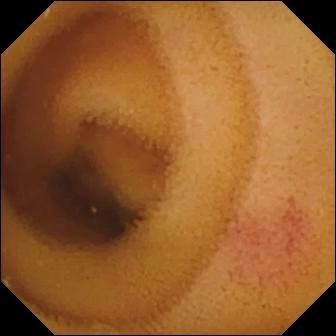WCE. Label: angiectasia.